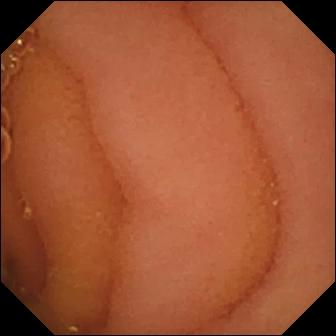Normal clean mucosa.